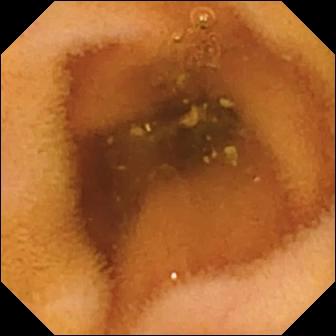Small-bowel capsule endoscopy image
Observation: normal clean mucosa